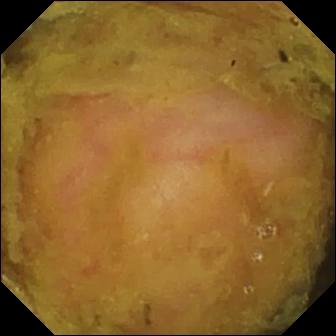Small-bowel capsule endoscopy snapshot taken in the ileo-cecal valve region (where the capsule passes from the small bowel into the large bowel).